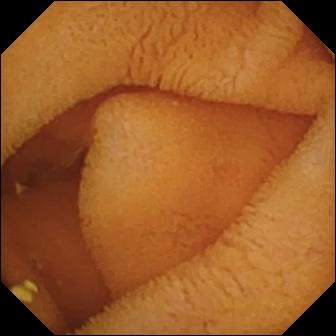Normal clean mucosa — small-bowel capsule endoscopy view of the small bowel.